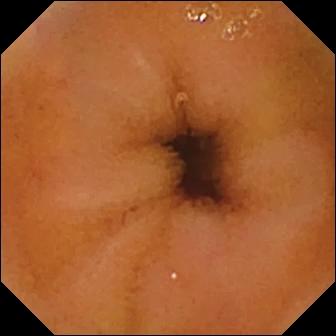Normal clean mucosa — capsule endoscopy view.